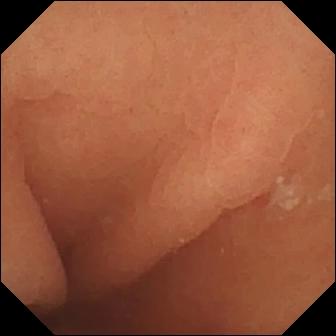Small-bowel capsule endoscopy — normal clean mucosa.